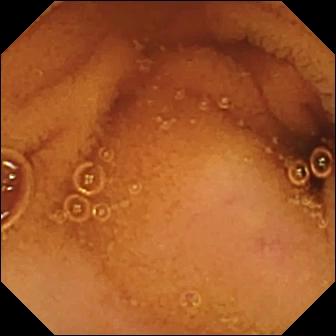Q: What does this small-bowel capsule endoscopy view show?
A: Normal clean mucosa.